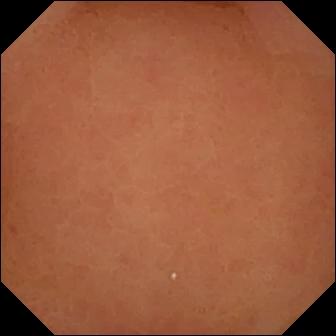{"modality": "WCE", "category": "anatomical landmark", "position": "pylorus region"}